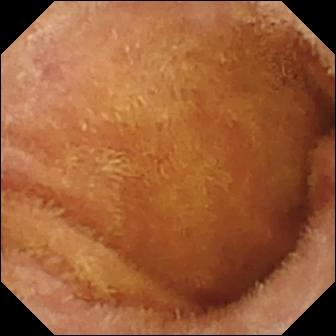PROCEDURE: WCE.
FINDINGS: Normal clean mucosa.